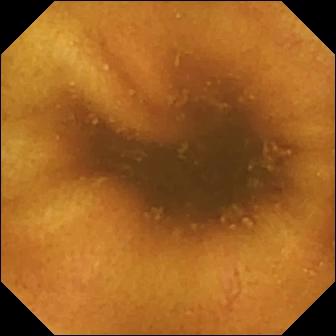Wireless capsule endoscopy snapshot (small intestine). Normal clean mucosa.